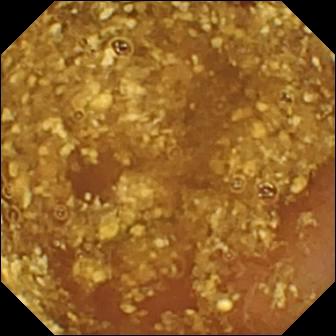Video capsule endoscopy. Small intestine. Luminal finding. Finding: reduced mucosal view (content or bubbles obscuring the mucosa).